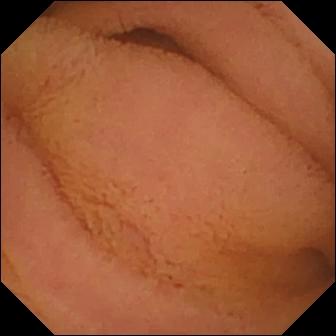Video capsule endoscopy. Luminal finding. Label: normal clean mucosa.